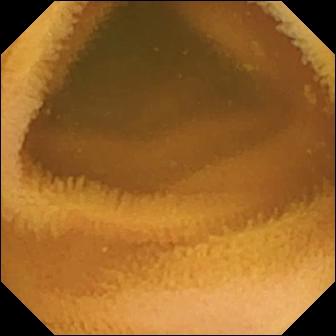This video capsule endoscopy still of the small intestine shows normal clean mucosa.